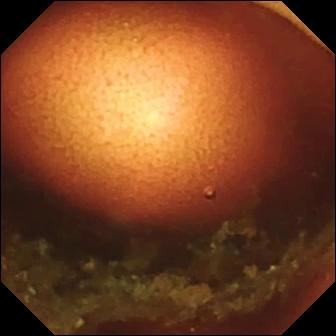{"modality": "wireless capsule endoscopy", "video_segment": "ileo-cecal valve region (where the capsule passes from the small bowel into the large bowel)"}